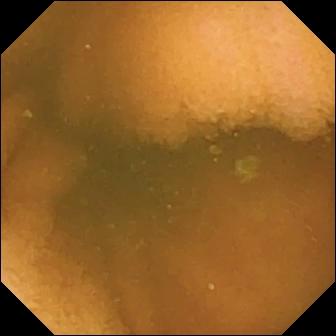WCE. Small intestine. Luminal finding. Impression: normal clean mucosa.